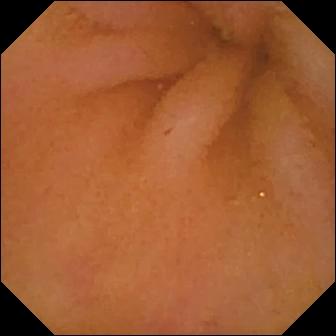WCE. Observation: normal clean mucosa.